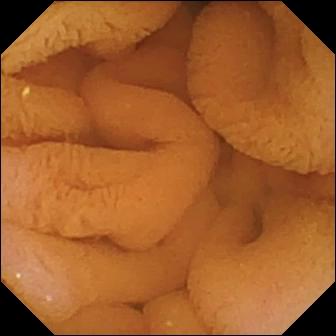Q: What does this VCE snapshot of the small bowel show?
A: Normal clean mucosa.